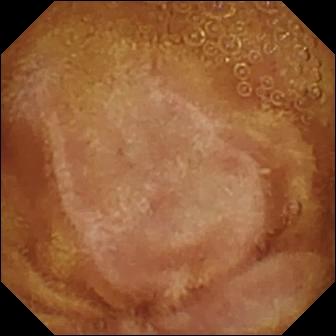{"modality": "small-bowel capsule endoscopy", "segment": "small bowel", "finding": "normal clean mucosa"}